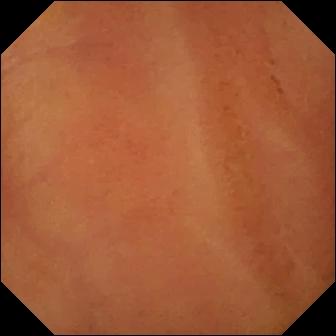{"modality": "wireless capsule endoscopy", "finding": "normal clean mucosa"}